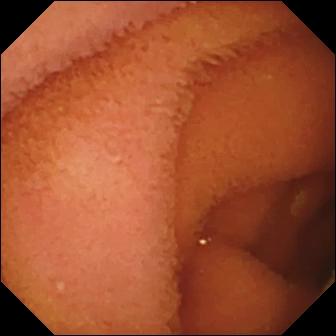Q: What does this small-bowel capsule endoscopy still of the small bowel show?
A: Normal clean mucosa.